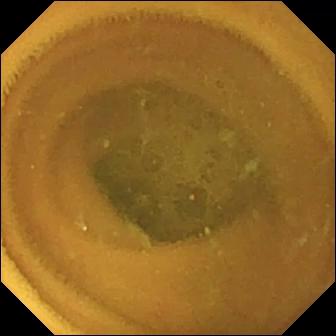Normal clean mucosa.